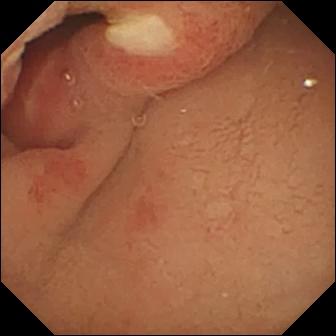Video capsule endoscopy — ulcer.